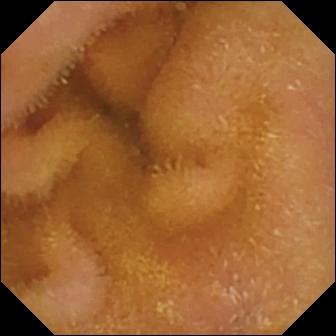Normal clean mucosa — capsule endoscopy image.